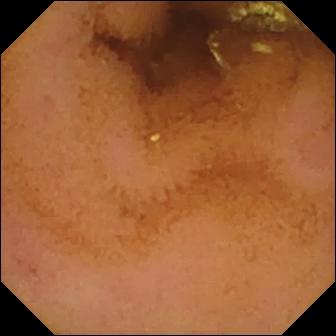Normal clean mucosa — small-bowel capsule endoscopy image of the small bowel.